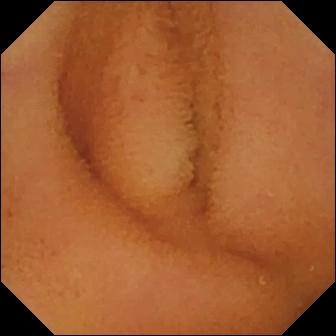Normal clean mucosa.